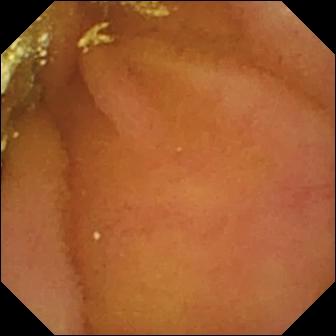Q: What does this WCE frame show?
A: Normal clean mucosa.